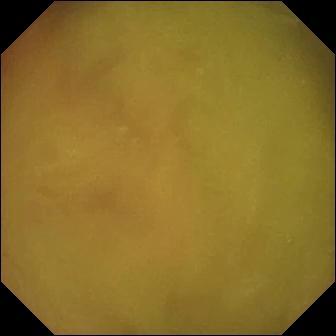Video capsule endoscopy still. Normal clean mucosa.